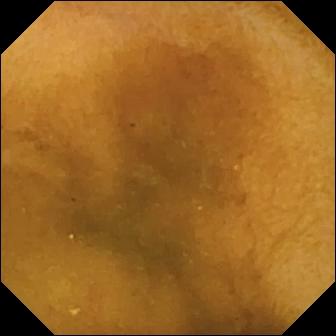Wireless capsule endoscopy. Small intestine. Impression: normal clean mucosa.